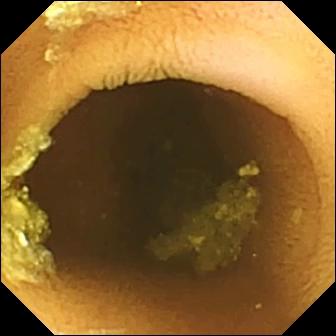- modality: WCE
- segment: small intestine
- observation: normal clean mucosa